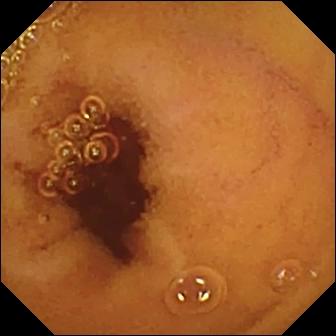modality: VCE
observation: normal clean mucosa